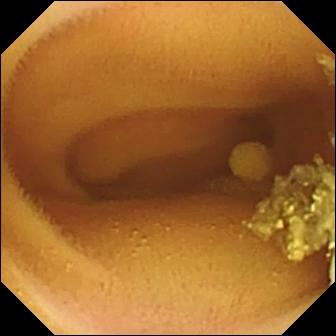Q: What does this video capsule endoscopy still show?
A: Lymphangiectasia.